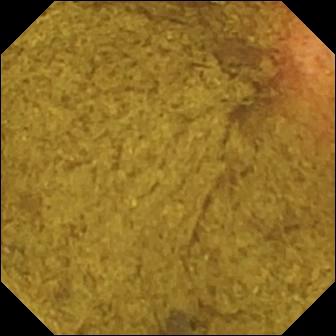Ileo-cecal valve region (the transition from the small bowel to the large bowel), 336×336.